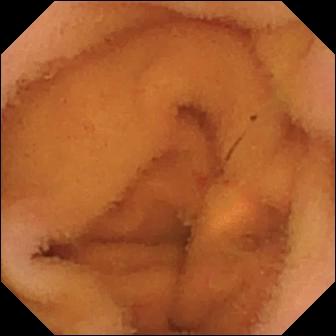modality: VCE
segment: small bowel
impression: normal clean mucosa